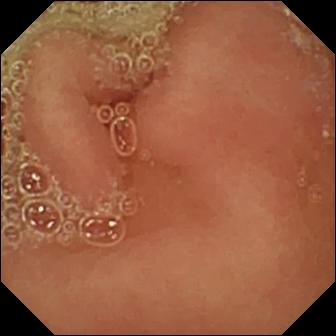PROCEDURE: VCE.
POSITION: Pylorus region (the junction between the stomach and the small bowel).